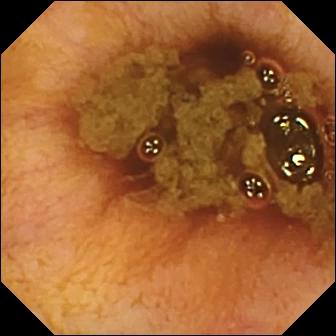Video capsule endoscopy frame taken in the ileo-cecal valve region (the transition from the small bowel to the large bowel).